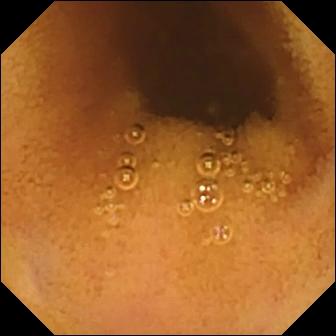Small-bowel capsule endoscopy. Small intestine. Luminal finding. Label: normal clean mucosa.